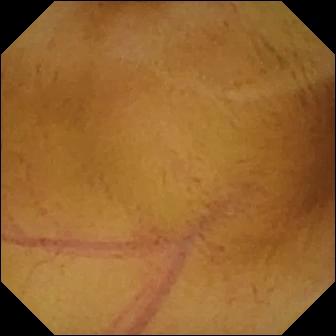Normal clean mucosa.